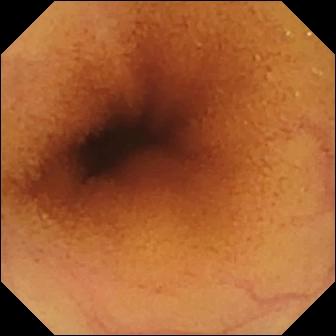Normal clean mucosa.